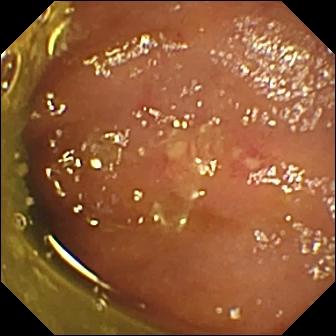modality: video capsule endoscopy
observation: ulcer